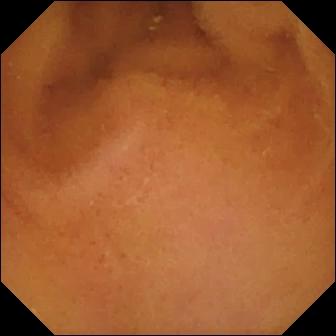Normal clean mucosa — WCE frame of the small intestine.